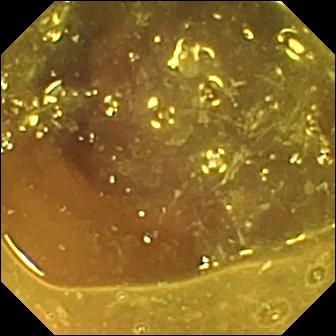{"modality": "WCE", "finding": "reduced mucosal view (content or bubbles obscuring the mucosa)"}